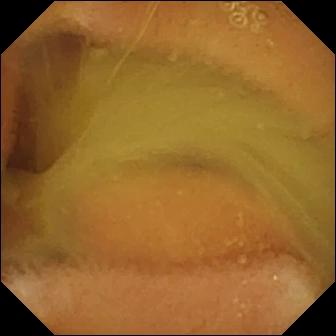Normal clean mucosa — VCE image.